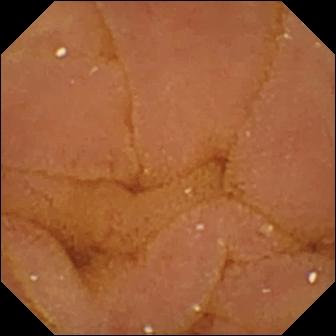WCE view
Impression: normal clean mucosa